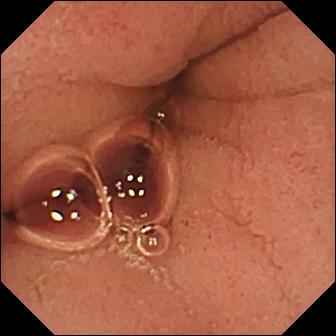Video capsule endoscopy view
Location: pylorus region (where the capsule passes from the stomach into the small bowel)